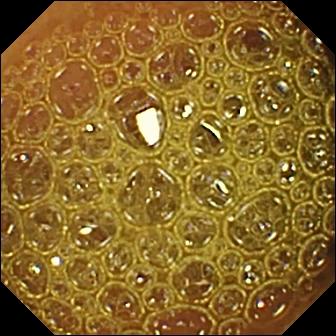Small-bowel capsule endoscopy still (small bowel), 336×336. Reduced mucosal view (content or bubbles obscuring the mucosa).